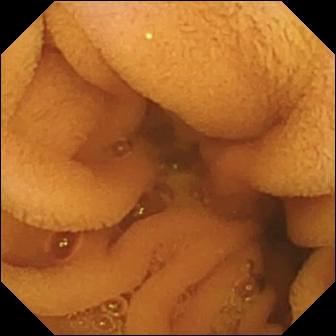- modality: small-bowel capsule endoscopy
- label: normal clean mucosa